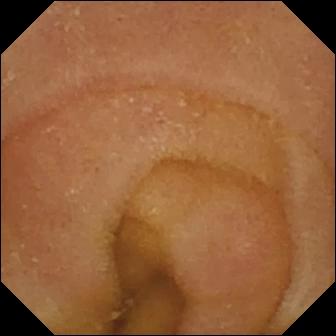Video capsule endoscopy image, small bowel
Finding: normal clean mucosa